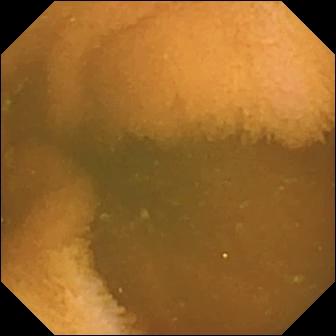Small-bowel capsule endoscopy image of the small bowel showing normal clean mucosa.